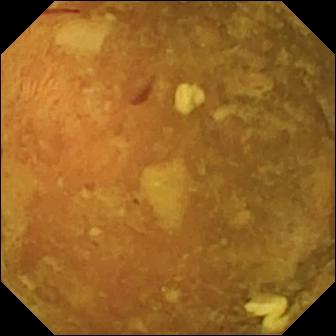This WCE image shows reduced mucosal view (content or bubbles obscuring the mucosa).